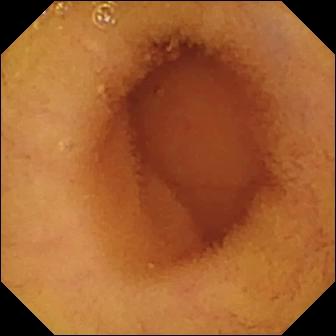Normal clean mucosa (336×336).